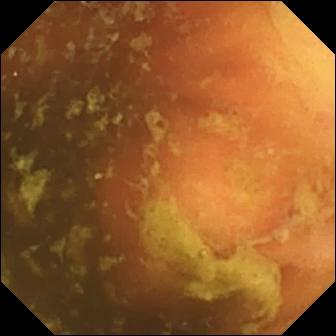Video capsule endoscopy frame taken in the ileo-cecal valve region.